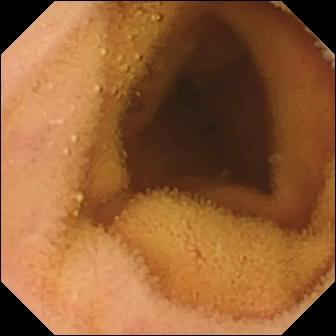This video capsule endoscopy snapshot of the small bowel shows normal clean mucosa.